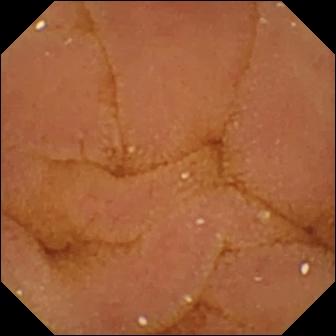Video capsule endoscopy image
Finding: normal clean mucosa